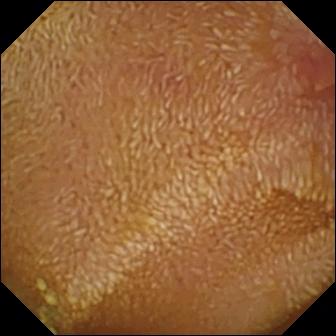Erosion — capsule endoscopy image.